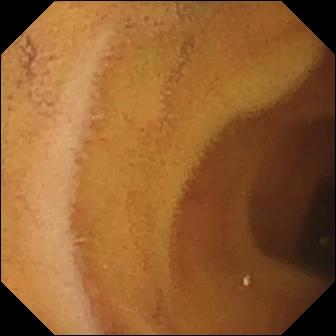modality: VCE | finding: normal clean mucosa